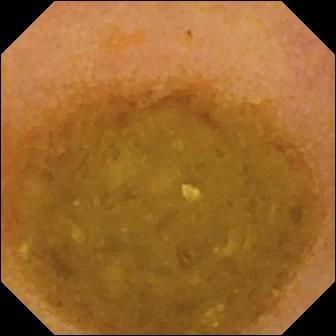Wireless capsule endoscopy. Finding: reduced mucosal view (content or bubbles obscuring the mucosa).